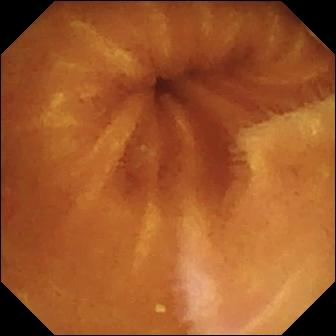Q: What does this small-bowel capsule endoscopy view of the small bowel show?
A: Normal clean mucosa.